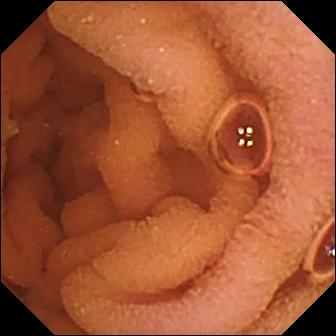Q: What does this wireless capsule endoscopy image show?
A: Normal clean mucosa.